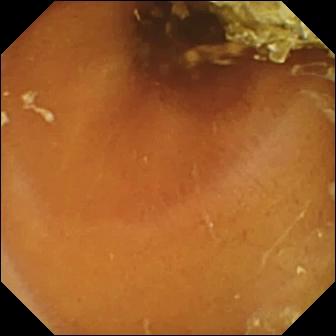Normal clean mucosa — video capsule endoscopy frame.